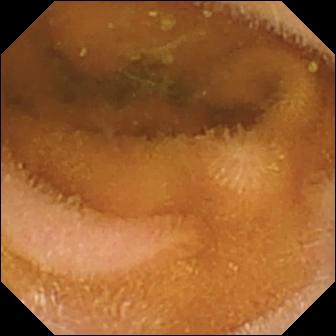{"modality": "small-bowel capsule endoscopy", "finding": "normal clean mucosa"}